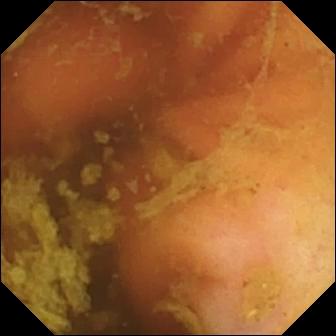Ileo-cecal valve region.